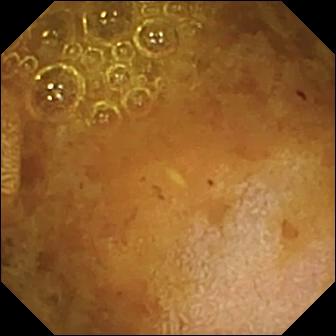This video capsule endoscopy view of the small bowel shows reduced mucosal view (content or bubbles obscuring the mucosa).